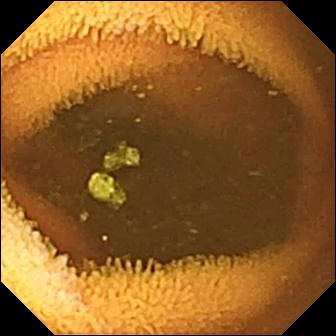modality: wireless capsule endoscopy | category: luminal finding | label: normal clean mucosa